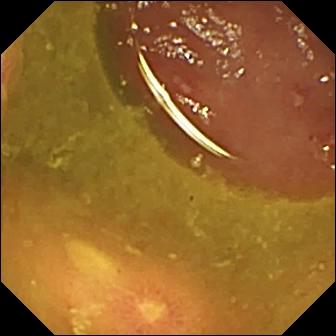Video capsule endoscopy view
Label: ulcer